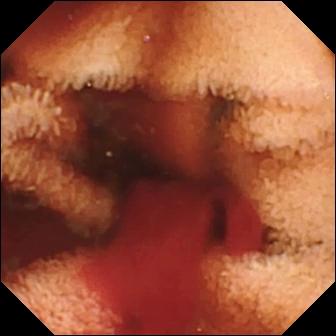This small-bowel capsule endoscopy still shows fresh blood in the lumen.